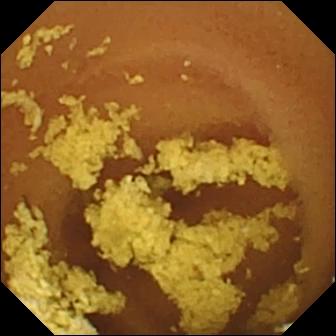{"modality": "wireless capsule endoscopy", "category": "luminal finding", "finding": "normal clean mucosa"}